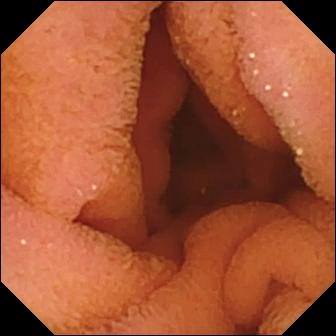Capsule endoscopy snapshot, small bowel
Impression: normal clean mucosa